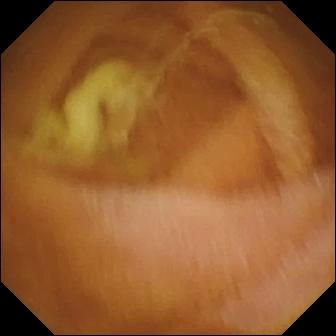Small-bowel capsule endoscopy frame
Finding: normal clean mucosa